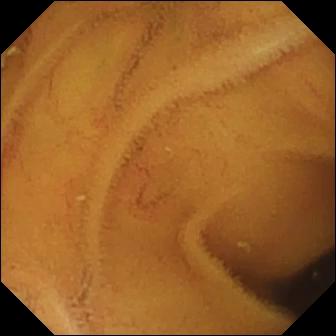{"modality": "VCE", "segment": "small bowel", "finding": "normal clean mucosa"}